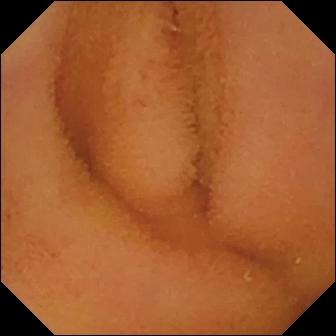Video capsule endoscopy — normal clean mucosa.